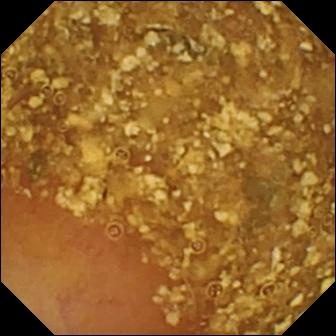Small-bowel capsule endoscopy — reduced mucosal view (content or bubbles obscuring the mucosa).